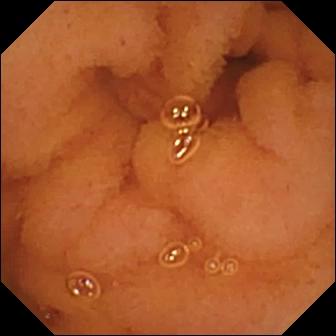modality: capsule endoscopy | segment: small intestine | observation: normal clean mucosa